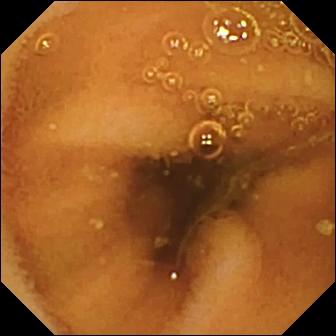WCE still of the small intestine showing normal clean mucosa.